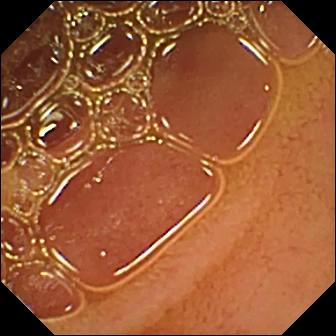modality: small-bowel capsule endoscopy; segment: small intestine; category: luminal finding; impression: normal clean mucosa